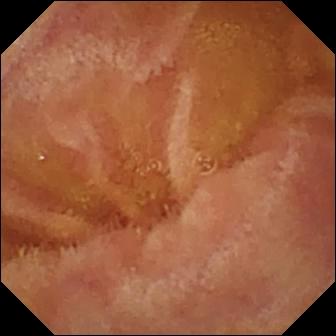modality: VCE | finding: normal clean mucosa